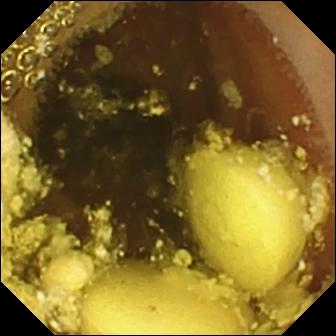Capsule endoscopy — foreign body (e.g. retained capsule, tablet residue).